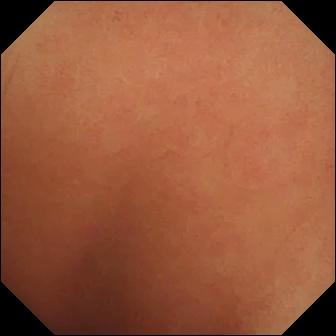modality: wireless capsule endoscopy | observation: normal clean mucosa